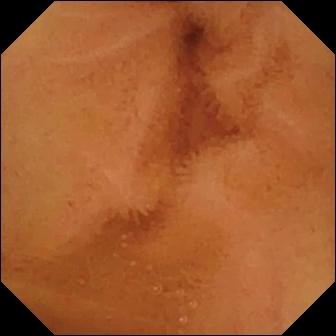WCE. Label: normal clean mucosa.